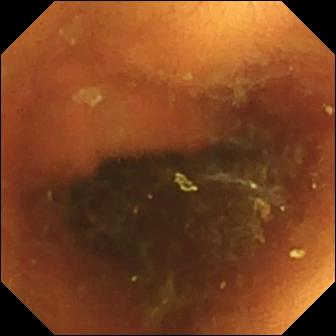{"modality": "WCE", "finding": "normal clean mucosa"}